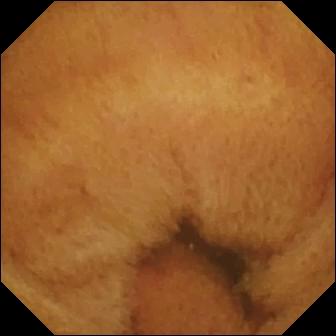modality: VCE; position: ileo-cecal valve region (the transition from the small bowel to the large bowel)